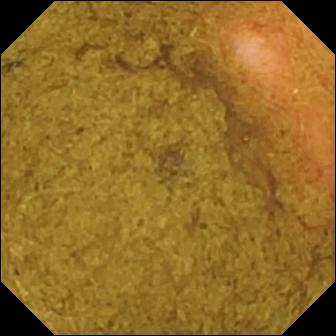modality: wireless capsule endoscopy | category: anatomical landmark | video segment: ileo-cecal valve region (the transition from the small bowel to the large bowel)